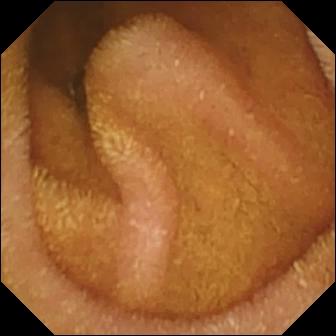Wireless capsule endoscopy — normal clean mucosa.